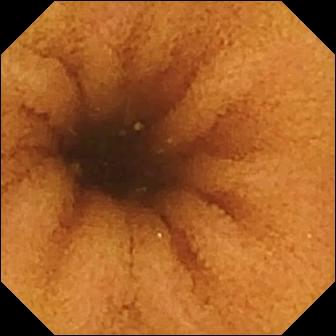VCE — normal clean mucosa.